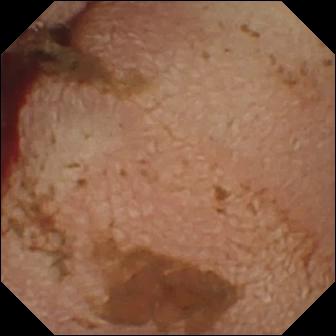- modality: video capsule endoscopy
- category: luminal finding
- label: fresh blood in the lumen